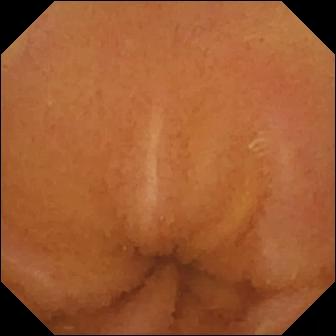PROCEDURE: Capsule endoscopy.
SEGMENT: Small bowel.
FINDINGS: Normal clean mucosa.